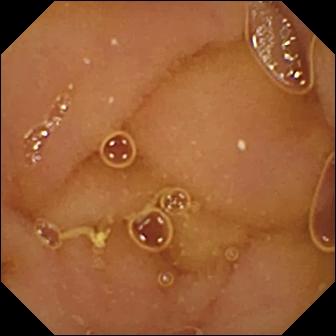Q: What does this VCE image show?
A: Normal clean mucosa.